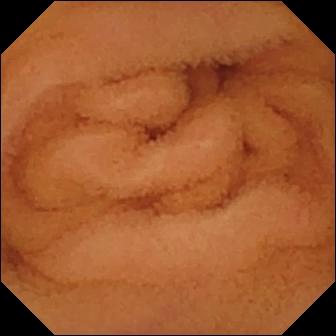Video capsule endoscopy image, small bowel
Impression: normal clean mucosa